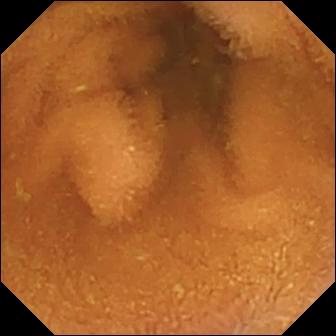Wireless capsule endoscopy — normal clean mucosa.